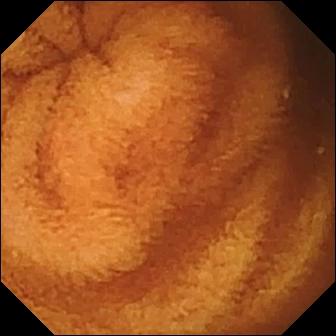Q: What does this WCE frame of the small intestine show?
A: Normal clean mucosa.